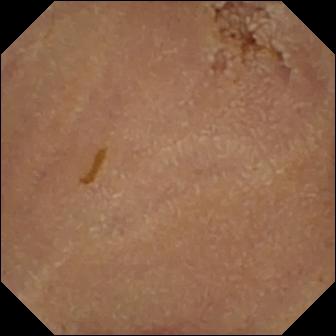Video capsule endoscopy snapshot (small intestine). Normal clean mucosa.